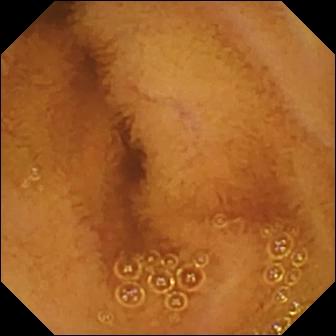modality: VCE | category: luminal finding | finding: normal clean mucosa